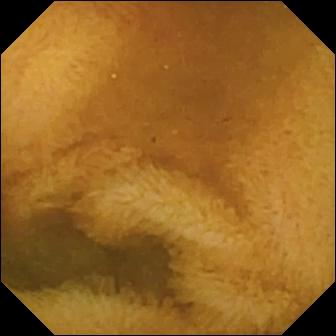Normal clean mucosa — WCE view.